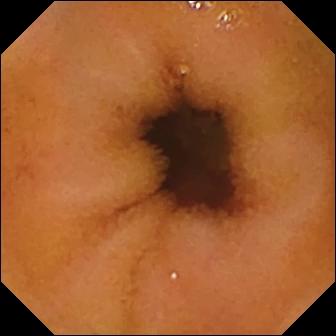VCE image. Normal clean mucosa.